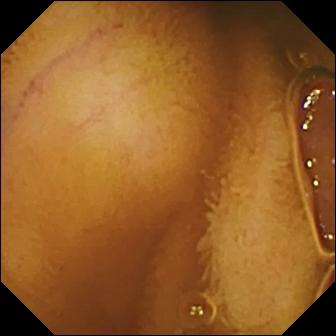Wireless capsule endoscopy. Small intestine. Finding: normal clean mucosa.